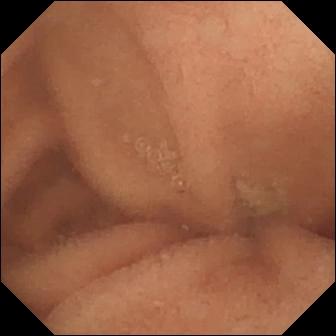Video capsule endoscopy. Observation: normal clean mucosa.